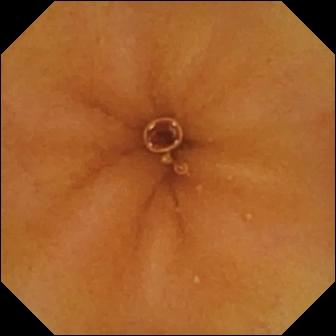Wireless capsule endoscopy still, small intestine
Finding: normal clean mucosa